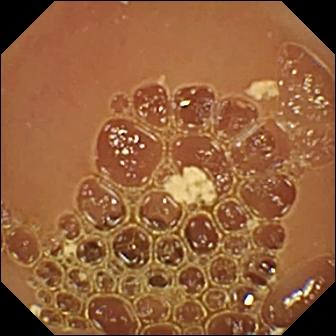Normal clean mucosa.